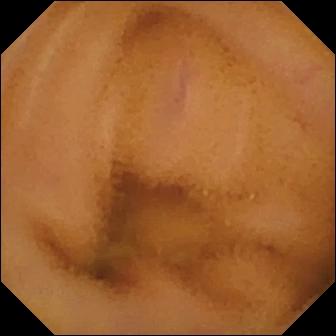modality: VCE | observation: normal clean mucosa